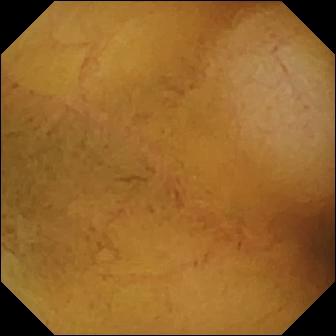PROCEDURE: VCE.
SEGMENT: Small bowel.
FINDINGS: Normal clean mucosa.